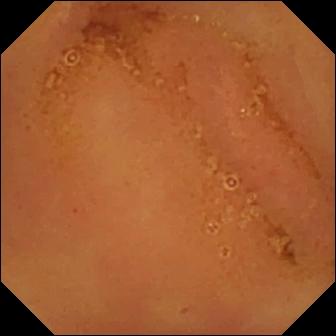This WCE snapshot of the small intestine shows normal clean mucosa.